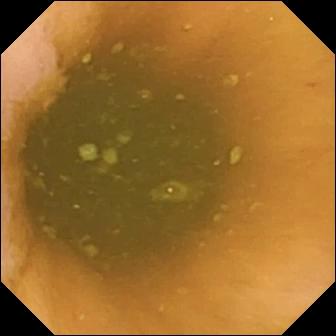- modality: wireless capsule endoscopy
- segment: small intestine
- category: luminal finding
- impression: normal clean mucosa